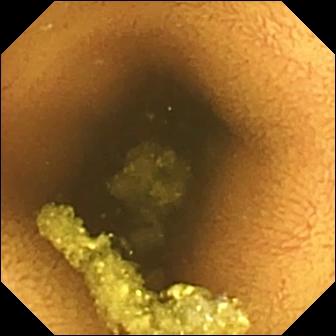- modality: WCE
- impression: normal clean mucosa